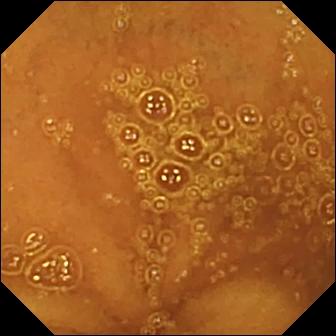PROCEDURE: Small-bowel capsule endoscopy.
SEGMENT: Small bowel.
FINDINGS: Normal clean mucosa.